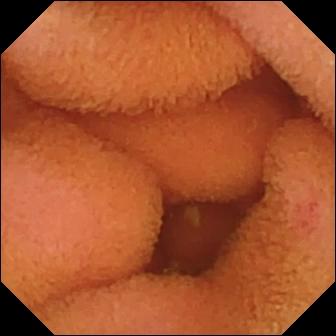Normal clean mucosa — small-bowel capsule endoscopy still.